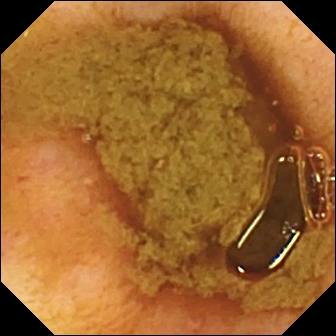This wireless capsule endoscopy frame was taken in the ileo-cecal valve region.